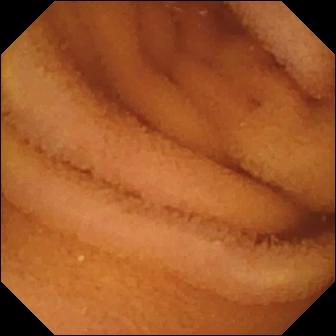- modality: WCE
- segment: small bowel
- label: normal clean mucosa